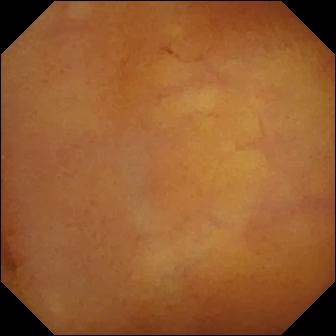- modality: VCE
- segment: small intestine
- label: normal clean mucosa